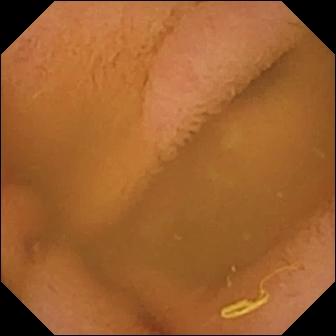Capsule endoscopy image. Normal clean mucosa.